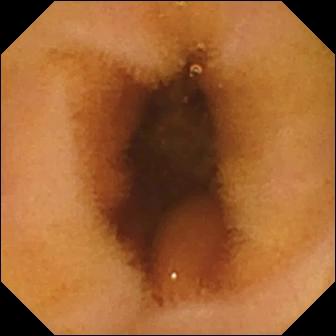Normal clean mucosa — WCE snapshot of the small intestine.